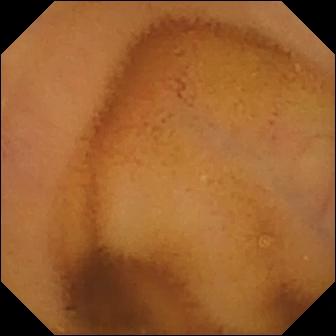modality: VCE | segment: small bowel | observation: normal clean mucosa